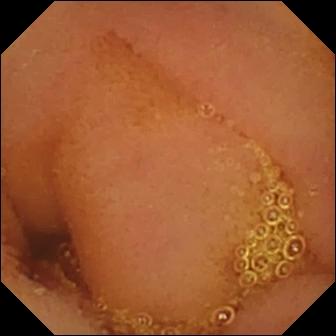Capsule endoscopy image, 336×336. Normal clean mucosa.